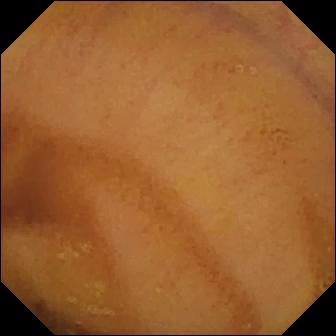modality: VCE | segment: small bowel | category: luminal finding | observation: normal clean mucosa